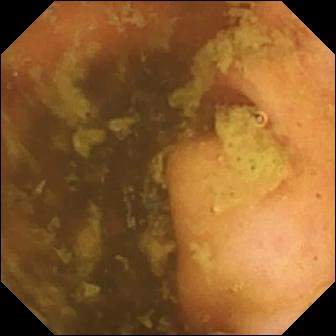Wireless capsule endoscopy image
Location: ileo-cecal valve region